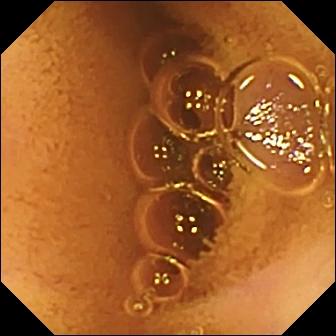Small-bowel capsule endoscopy still
Observation: normal clean mucosa